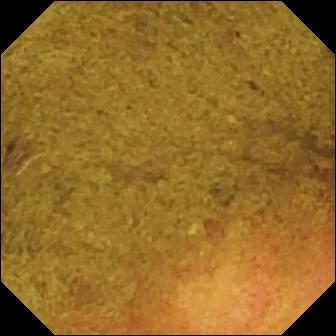PROCEDURE: Wireless capsule endoscopy.
LABEL: Ileo-cecal valve region.